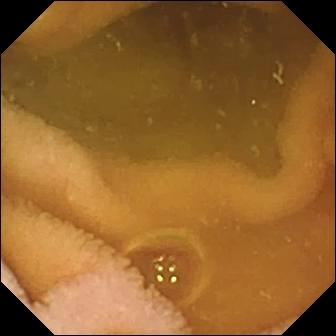This WCE still of the small intestine shows normal clean mucosa.